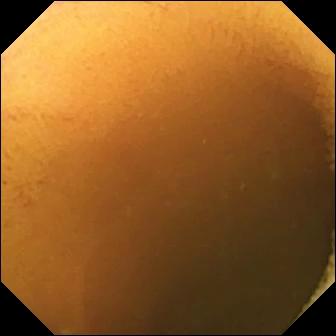VCE still. Normal clean mucosa.